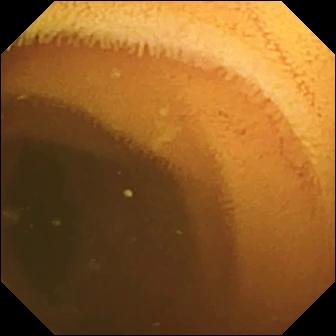Video capsule endoscopy — normal clean mucosa.